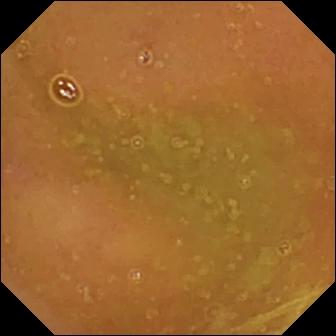This capsule endoscopy snapshot shows normal clean mucosa.